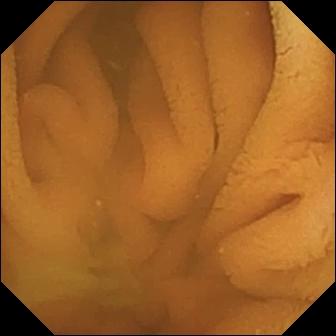PROCEDURE: VCE.
SEGMENT: Small intestine.
FINDINGS: Normal clean mucosa.